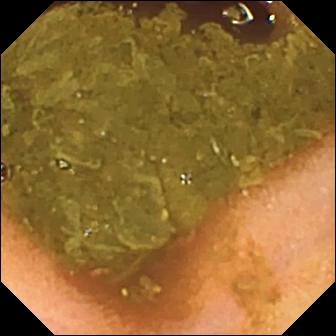Small-bowel capsule endoscopy view. Taken in the ileo-cecal valve region (where the capsule passes from the small bowel into the large bowel).